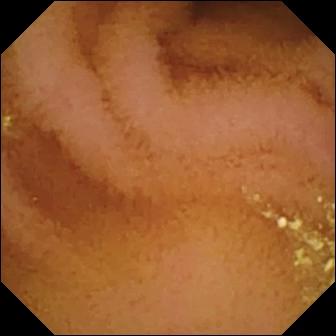Q: What does this small-bowel capsule endoscopy snapshot of the small bowel show?
A: Normal clean mucosa.